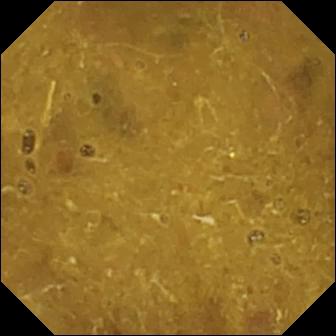- modality: WCE
- video segment: ileo-cecal valve region (where the capsule passes from the small bowel into the large bowel)